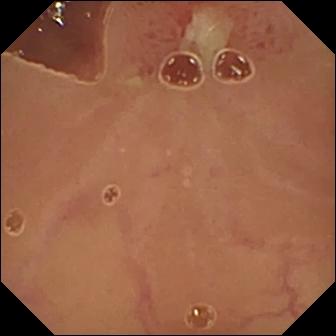{"modality": "small-bowel capsule endoscopy", "finding": "ulcer"}